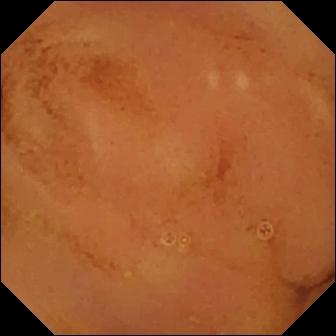Q: What does this WCE view show?
A: Normal clean mucosa.